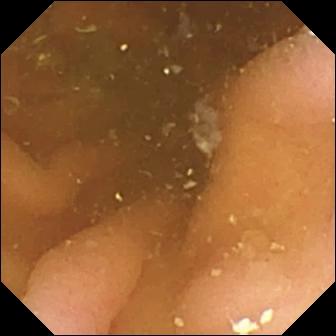modality: VCE
category: anatomical landmark
position: pylorus region